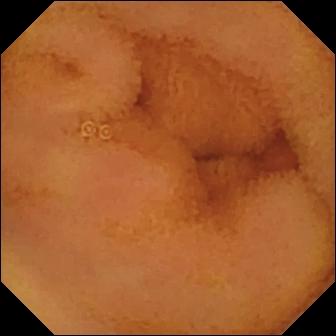This small-bowel capsule endoscopy snapshot of the small bowel shows normal clean mucosa.